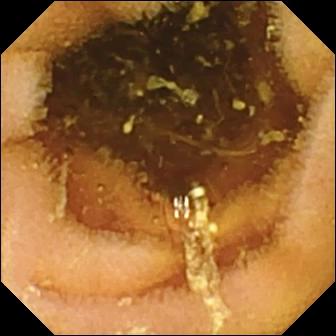Normal clean mucosa (336×336).